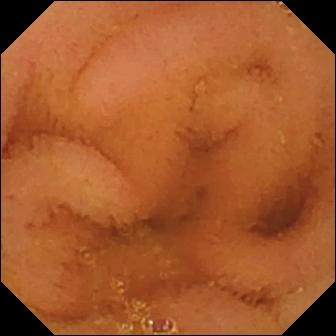Normal clean mucosa.